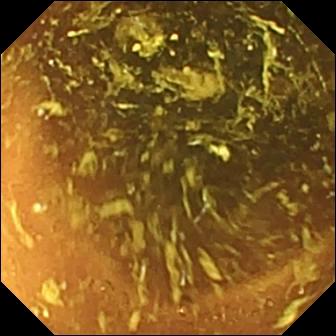- modality: WCE
- segment: small bowel
- category: luminal finding
- observation: normal clean mucosa